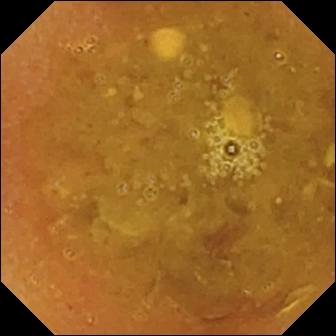VCE. Small bowel. Label: reduced mucosal view (content or bubbles obscuring the mucosa).